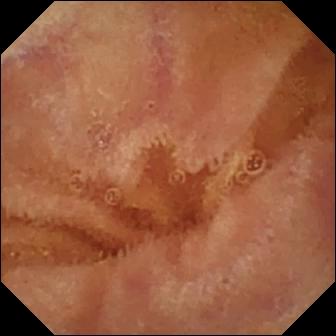This small-bowel capsule endoscopy snapshot of the small bowel shows normal clean mucosa.